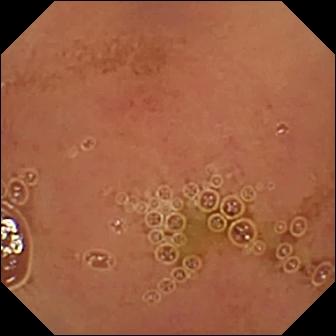Capsule endoscopy snapshot (small bowel), 336×336. Normal clean mucosa.